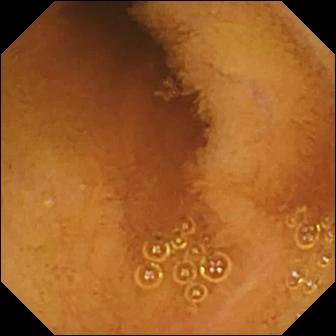Video capsule endoscopy — normal clean mucosa.